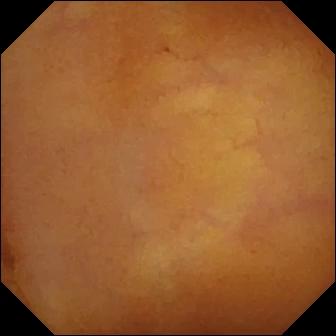Normal clean mucosa.